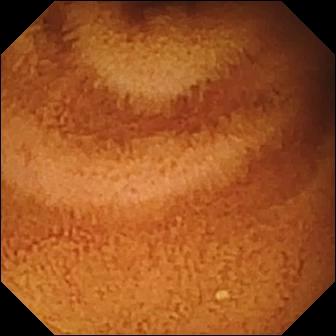Normal clean mucosa.